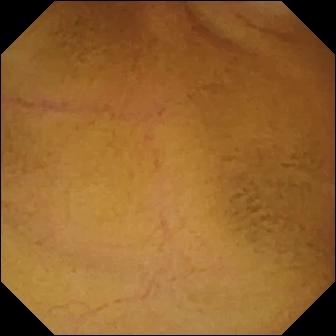Small-bowel capsule endoscopy still of the small intestine showing normal clean mucosa.